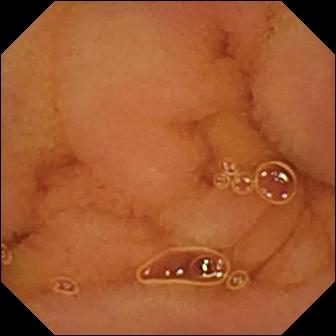Small-bowel capsule endoscopy still. Normal clean mucosa.